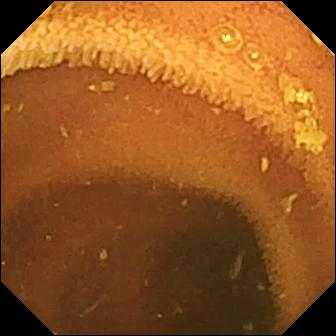Capsule endoscopy snapshot, small bowel
Label: normal clean mucosa